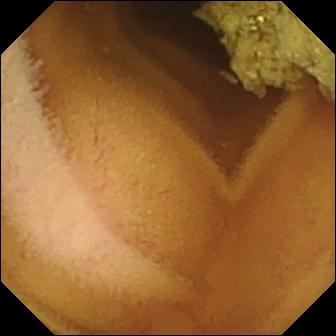- modality: capsule endoscopy
- observation: normal clean mucosa